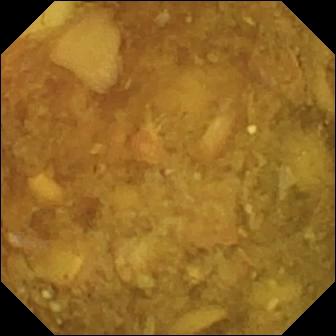Q: What does this small-bowel capsule endoscopy view of the small bowel show?
A: Reduced mucosal view (content or bubbles obscuring the mucosa).